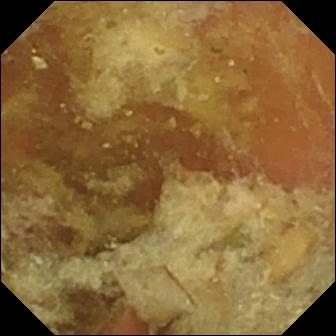Small-bowel capsule endoscopy. Video segment: pylorus region (where the capsule passes from the stomach into the small bowel).